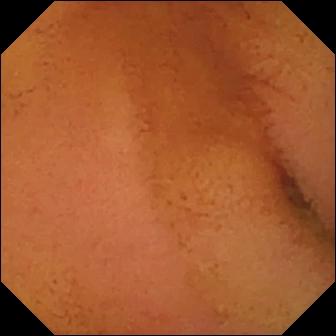PROCEDURE: VCE.
FINDINGS: Normal clean mucosa.